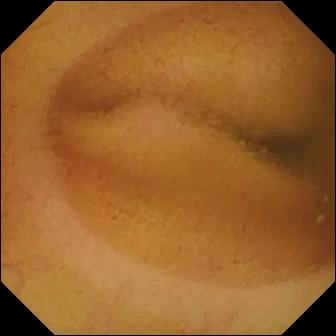Video capsule endoscopy — normal clean mucosa.